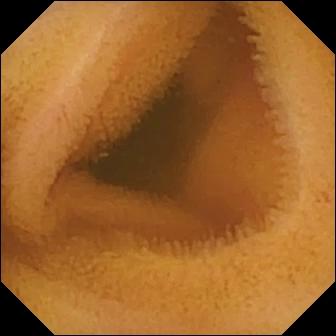Video capsule endoscopy — normal clean mucosa.